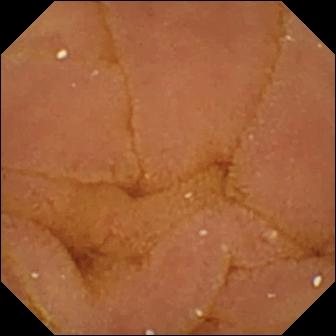PROCEDURE: Wireless capsule endoscopy.
FINDINGS: Normal clean mucosa.